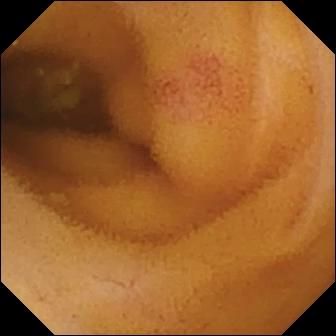Angiectasia (336×336).